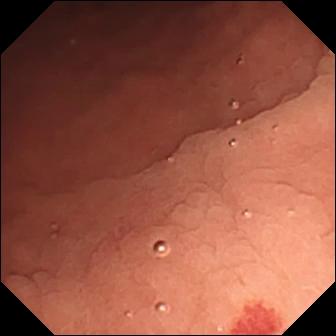Video capsule endoscopy view
Impression: angiectasia